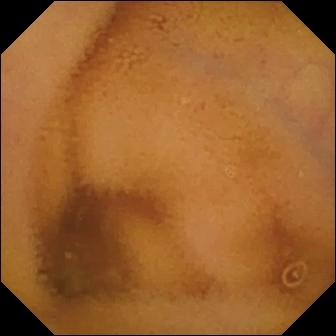VCE frame, small intestine
Finding: normal clean mucosa